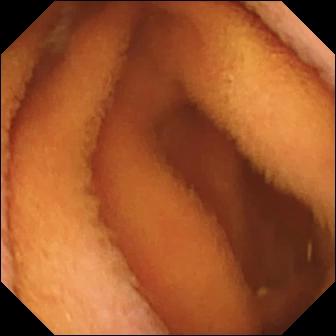Small-bowel capsule endoscopy still of the small intestine showing normal clean mucosa.